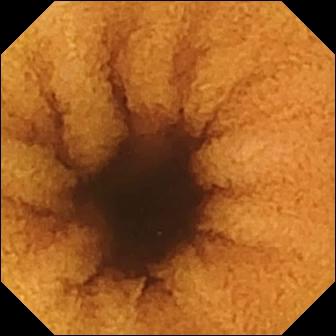Small-bowel capsule endoscopy snapshot, 336×336. Normal clean mucosa.